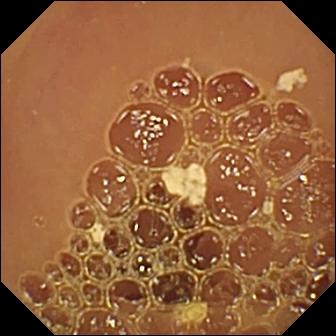Normal clean mucosa — WCE still.